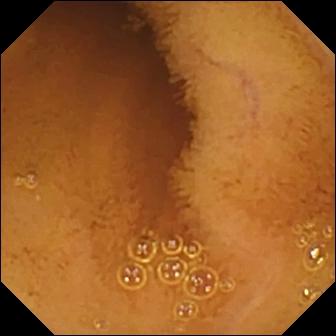PROCEDURE: Capsule endoscopy.
SEGMENT: Small bowel.
FINDINGS: Normal clean mucosa.